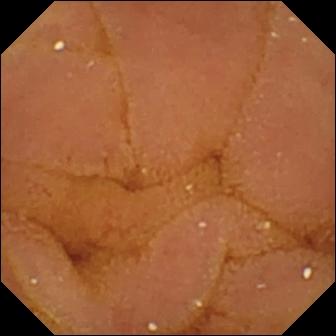Small-bowel capsule endoscopy image showing normal clean mucosa.